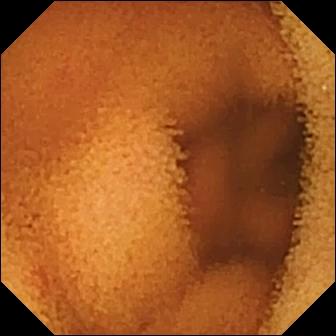Normal clean mucosa — small-bowel capsule endoscopy view.